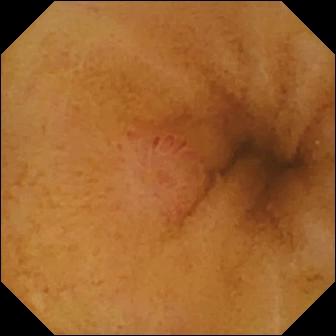Erosion (336×336).